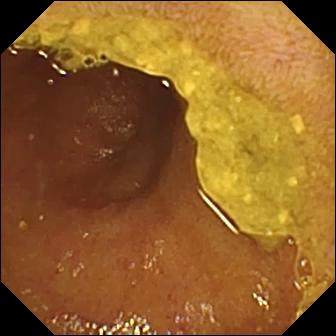This WCE still was taken in the ileo-cecal valve region.